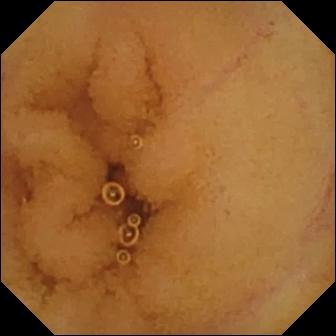VCE view showing normal clean mucosa.